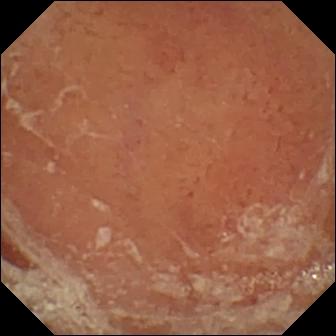modality: VCE
video segment: pylorus region (where the capsule passes from the stomach into the small bowel)